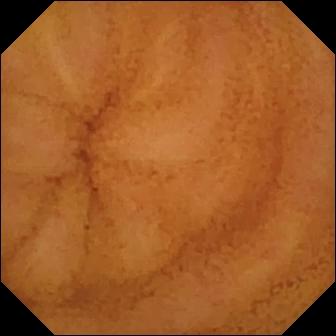Q: What does this capsule endoscopy view of the small intestine show?
A: Normal clean mucosa.